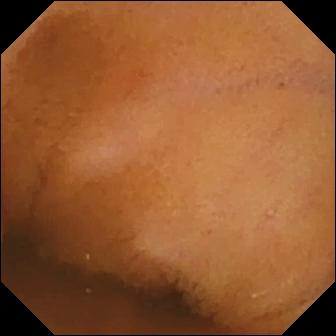{"modality": "capsule endoscopy", "segment": "small intestine", "category": "luminal finding", "finding": "normal clean mucosa"}